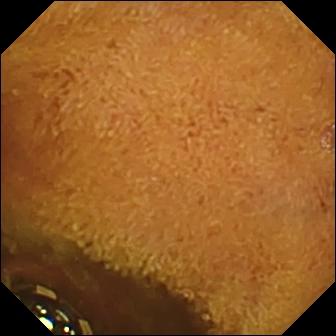Foreign body (e.g. retained capsule, tablet residue) — WCE view.